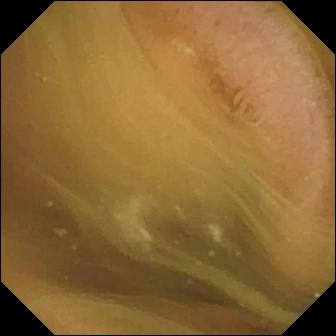Normal clean mucosa — VCE image.